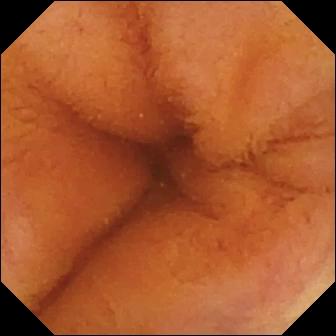- modality: capsule endoscopy
- segment: small intestine
- finding: normal clean mucosa